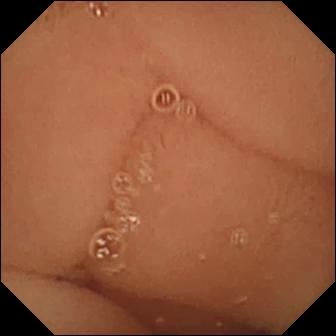Wireless capsule endoscopy — normal clean mucosa.